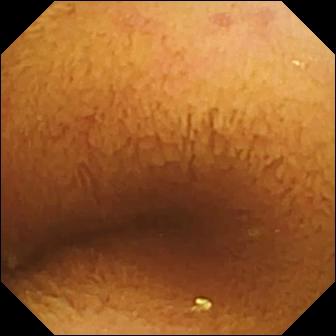VCE still
Finding: normal clean mucosa